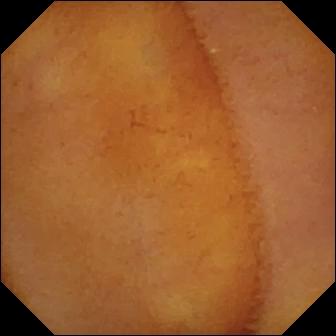PROCEDURE: Wireless capsule endoscopy.
FINDINGS: Normal clean mucosa.